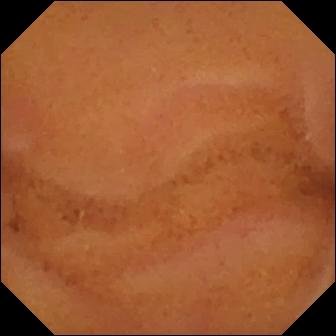This capsule endoscopy snapshot of the small bowel shows normal clean mucosa.